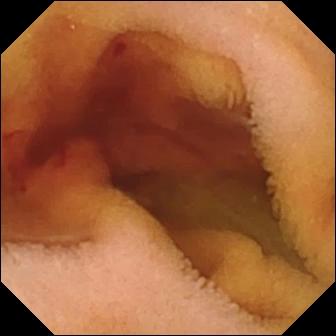Fresh blood in the lumen — small-bowel capsule endoscopy image.